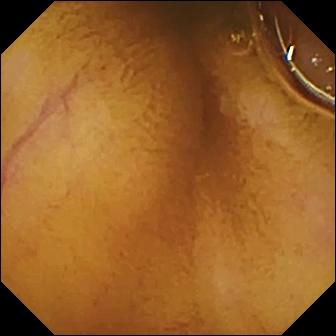Video capsule endoscopy. Finding: normal clean mucosa.